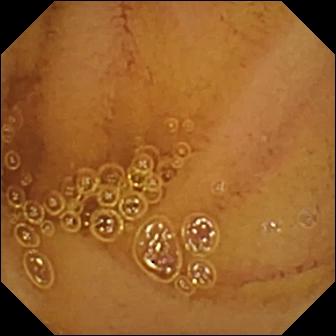This WCE snapshot shows normal clean mucosa.